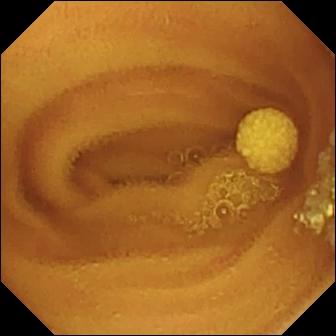modality: small-bowel capsule endoscopy | category: luminal finding | finding: lymphangiectasia